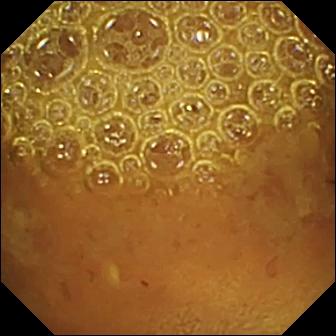This WCE frame shows reduced mucosal view (content or bubbles obscuring the mucosa).